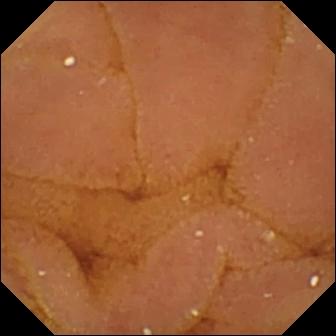This capsule endoscopy snapshot shows normal clean mucosa.